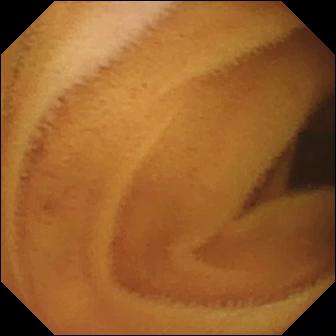{"modality": "video capsule endoscopy", "segment": "small bowel", "category": "luminal finding", "finding": "normal clean mucosa"}